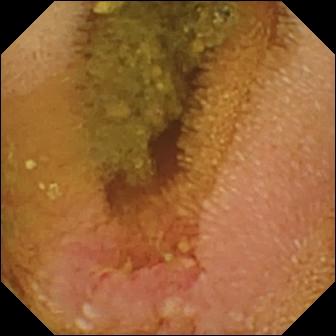Video capsule endoscopy frame showing erosion.